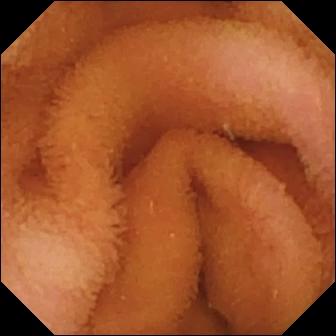Normal clean mucosa (336×336).